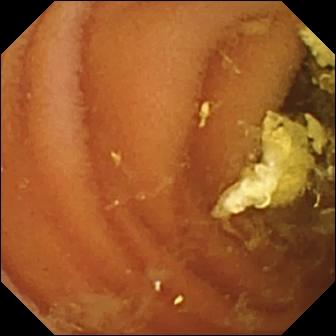Capsule endoscopy image
Finding: normal clean mucosa